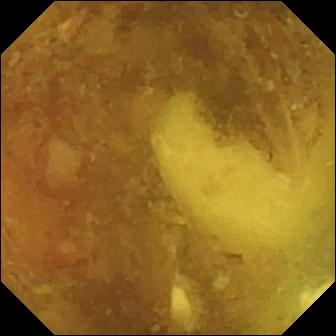- modality: small-bowel capsule endoscopy
- category: luminal finding
- label: reduced mucosal view (content or bubbles obscuring the mucosa)